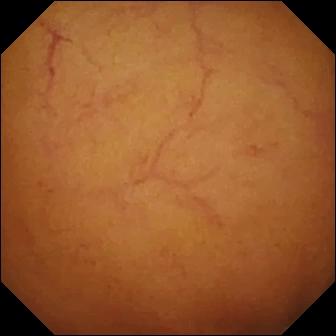modality: VCE; observation: normal clean mucosa